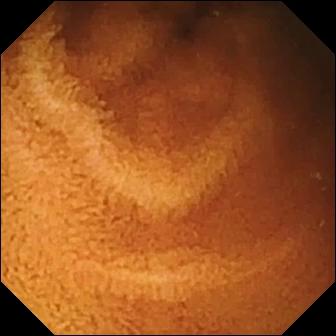- modality: video capsule endoscopy
- label: normal clean mucosa